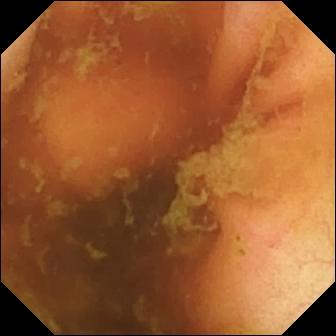PROCEDURE: WCE.
POSITION: Ileo-cecal valve region (where the capsule passes from the small bowel into the large bowel).